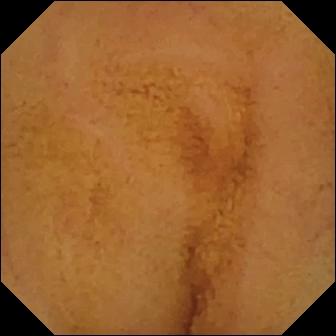modality: WCE
category: luminal finding
finding: normal clean mucosa